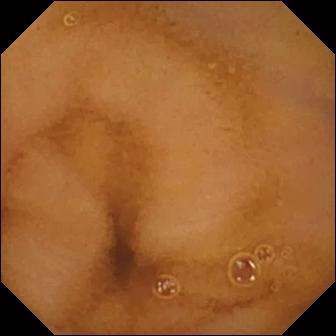VCE view. Normal clean mucosa.